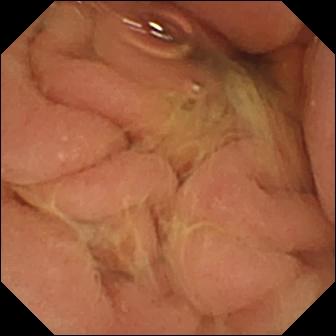Video capsule endoscopy image, 336×336. Taken in the pylorus region (the junction between the stomach and the small bowel).